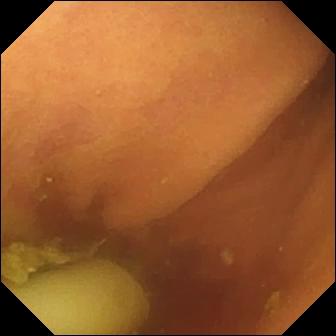Foreign body (e.g. retained capsule, tablet residue) (336×336).